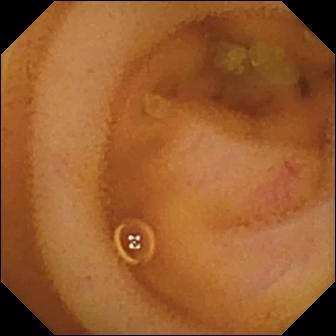modality: small-bowel capsule endoscopy
category: luminal finding
impression: angiectasia